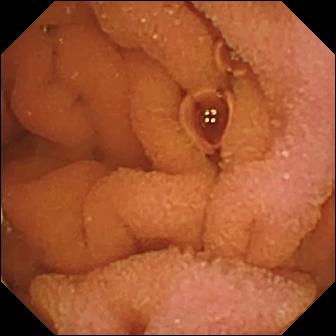Q: What does this video capsule endoscopy image show?
A: Normal clean mucosa.